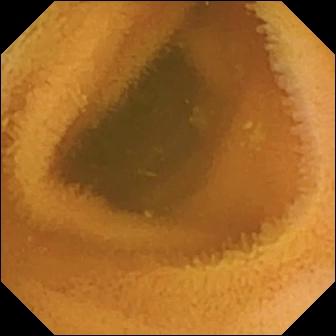Wireless capsule endoscopy still (small intestine). Normal clean mucosa.